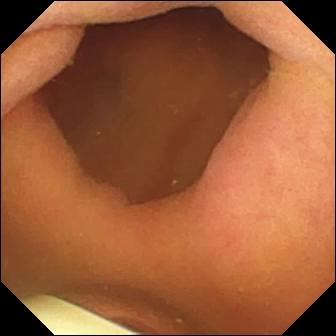This WCE image shows foreign body (e.g. retained capsule, tablet residue).